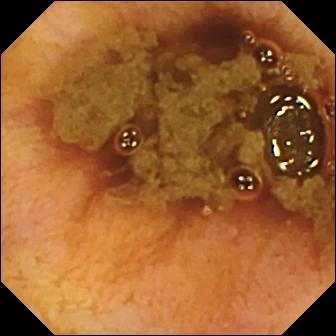Q: Where in the digestive tract was this wireless capsule endoscopy snapshot taken?
A: Ileo-cecal valve region (the transition from the small bowel to the large bowel).